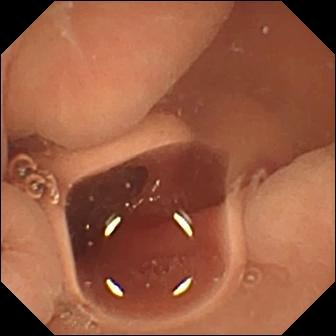WCE frame
Observation: normal clean mucosa